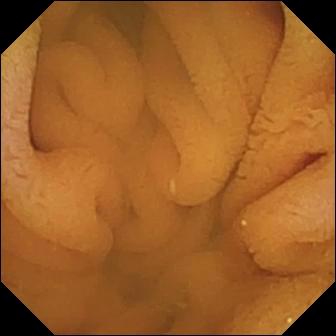Wireless capsule endoscopy view (small intestine). Normal clean mucosa.